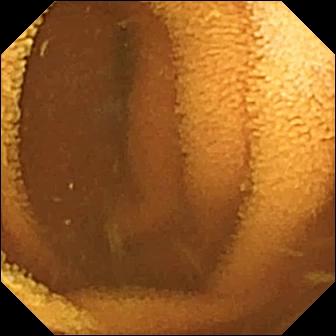Normal clean mucosa — video capsule endoscopy image.